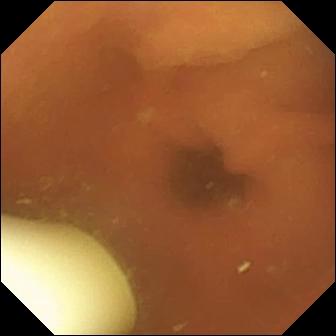Video capsule endoscopy snapshot. Foreign body (e.g. retained capsule, tablet residue).